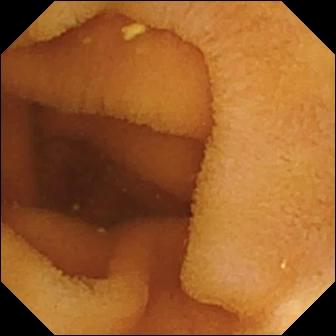- modality: WCE
- segment: small intestine
- impression: normal clean mucosa